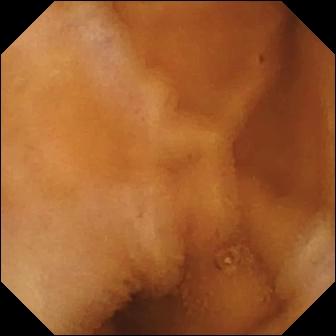This WCE snapshot shows normal clean mucosa.